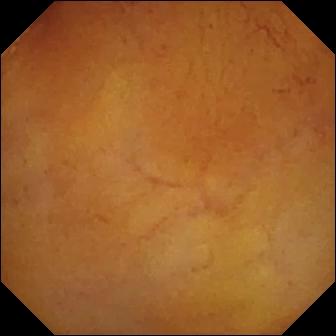- modality: capsule endoscopy
- observation: normal clean mucosa